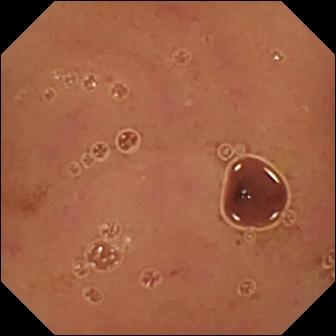Video capsule endoscopy frame showing normal clean mucosa.